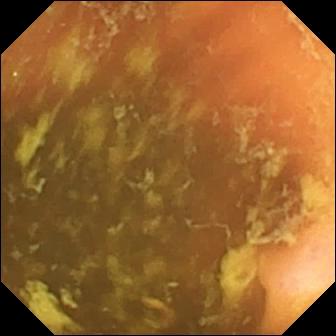Q: Where in the digestive tract was this VCE view taken?
A: Ileo-cecal valve region.